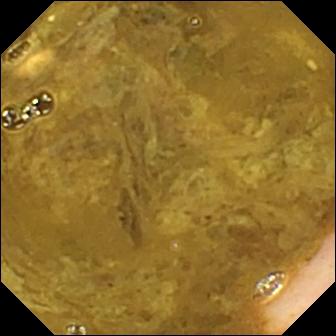Ileo-cecal valve region (where the capsule passes from the small bowel into the large bowel) — WCE still.